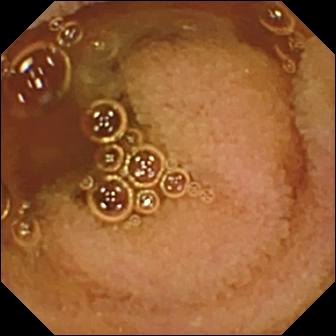This WCE frame of the small intestine shows normal clean mucosa.